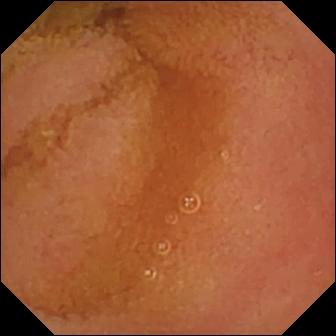This capsule endoscopy image of the small intestine shows normal clean mucosa.